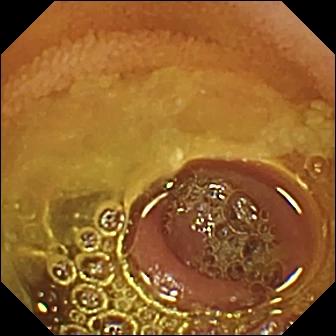This wireless capsule endoscopy view of the small intestine shows normal clean mucosa.